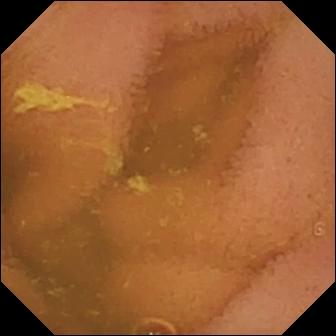Normal clean mucosa — small-bowel capsule endoscopy still.